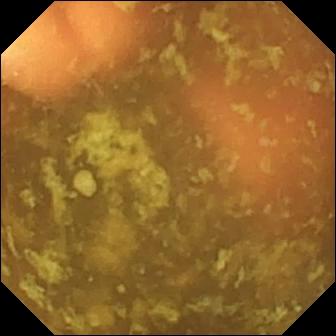PROCEDURE: WCE.
POSITION: Ileo-cecal valve region (where the capsule passes from the small bowel into the large bowel).